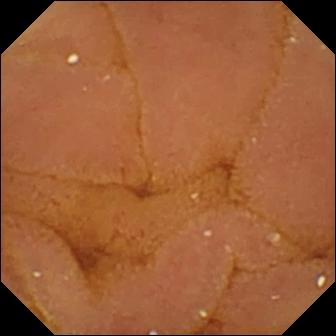Q: What does this capsule endoscopy frame of the small bowel show?
A: Normal clean mucosa.